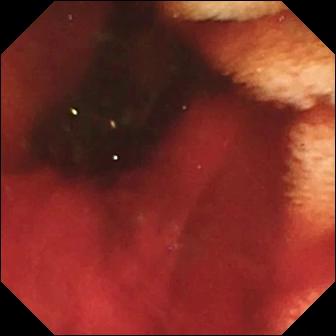WCE snapshot showing fresh blood in the lumen.